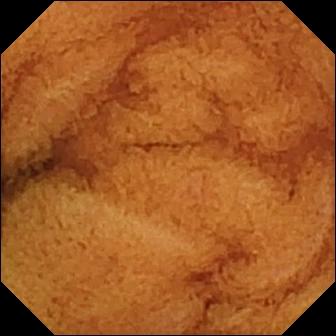Normal clean mucosa — capsule endoscopy still.